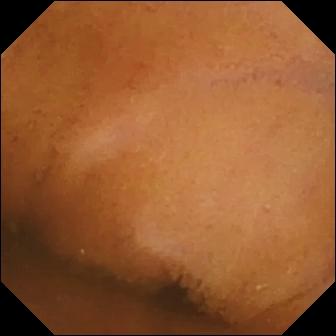Normal clean mucosa — capsule endoscopy still.